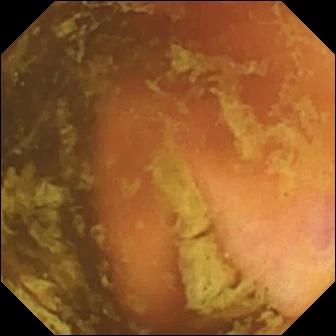VCE image taken in the ileo-cecal valve region (the transition from the small bowel to the large bowel).